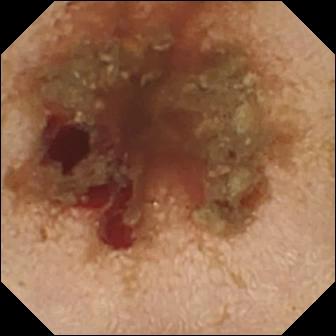modality: WCE; label: fresh blood in the lumen